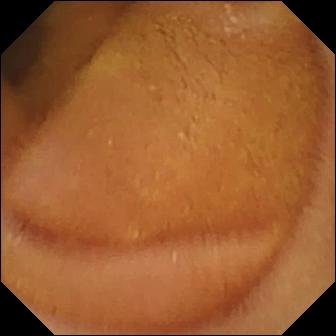VCE — normal clean mucosa.